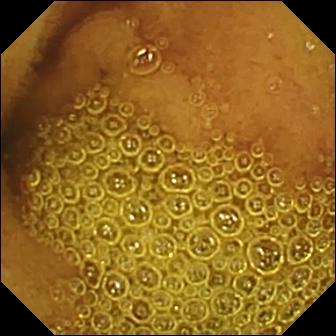Normal clean mucosa — small-bowel capsule endoscopy view.